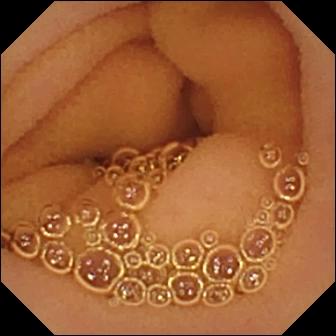modality: video capsule endoscopy
segment: small intestine
finding: normal clean mucosa